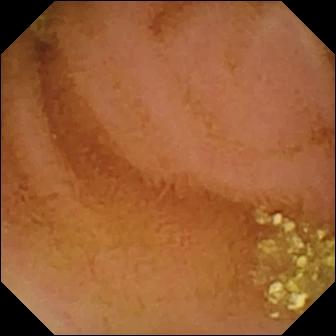Normal clean mucosa — WCE snapshot of the small bowel.